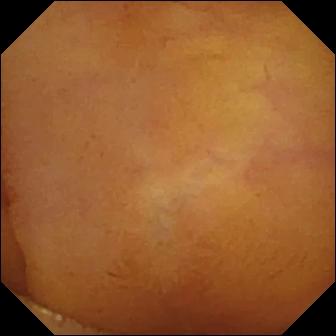Q: What does this VCE image of the small intestine show?
A: Normal clean mucosa.